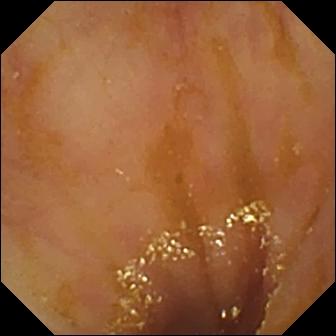{"modality": "VCE", "location": "ileo-cecal valve region (the transition from the small bowel to the large bowel)"}